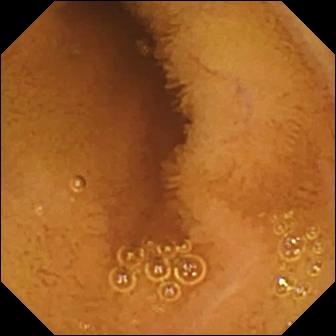Normal clean mucosa — video capsule endoscopy view.